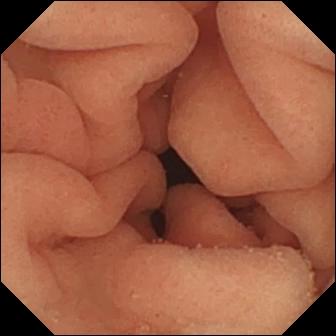modality: video capsule endoscopy | position: pylorus region